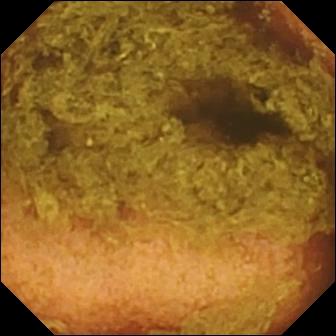VCE image, small intestine
Finding: normal clean mucosa